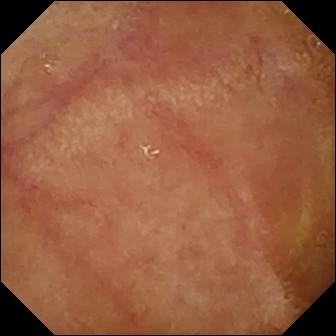Wireless capsule endoscopy frame
Finding: normal clean mucosa